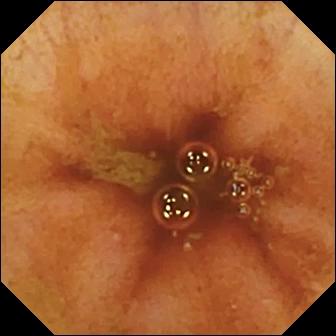Ileo-cecal valve region (the transition from the small bowel to the large bowel) — capsule endoscopy still.